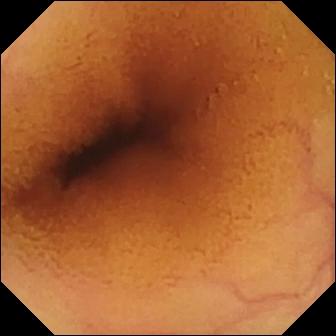Normal clean mucosa — VCE frame.